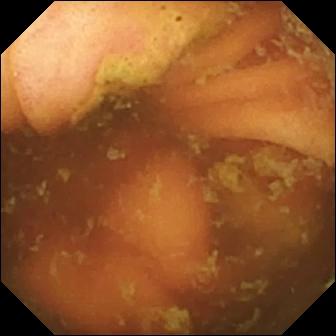Ileo-cecal valve region — capsule endoscopy view.